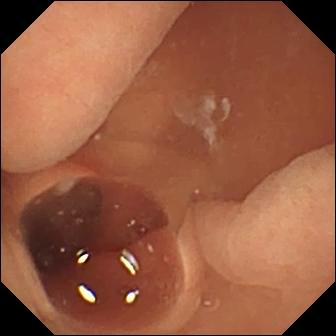Small-bowel capsule endoscopy still
Label: normal clean mucosa